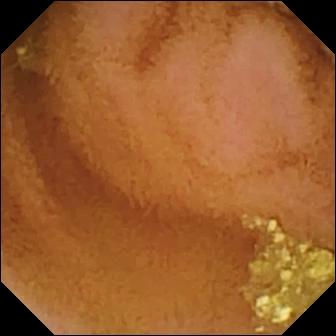VCE image
Observation: normal clean mucosa